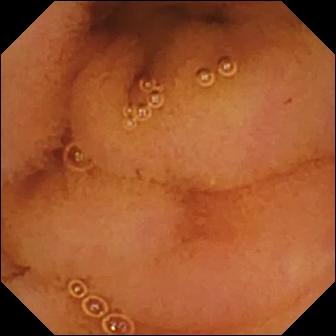modality: small-bowel capsule endoscopy; segment: small intestine; impression: normal clean mucosa